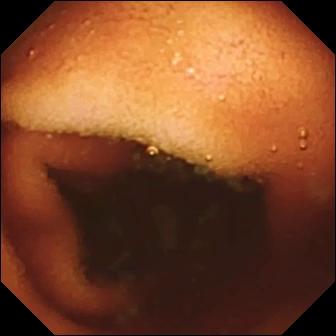This wireless capsule endoscopy still was taken in the ileo-cecal valve region (the transition from the small bowel to the large bowel).